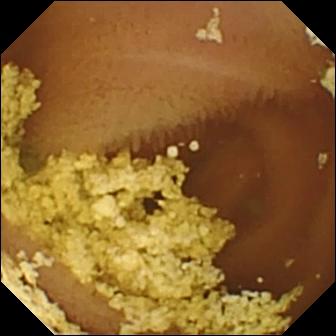Normal clean mucosa.